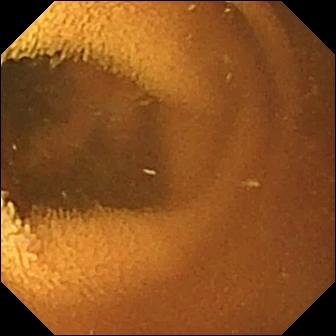{"modality": "capsule endoscopy", "segment": "small intestine", "finding": "normal clean mucosa"}